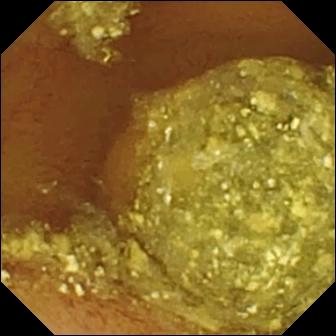Video capsule endoscopy — normal clean mucosa.